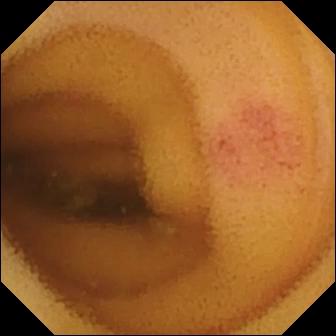Q: What does this wireless capsule endoscopy frame show?
A: Angiectasia.